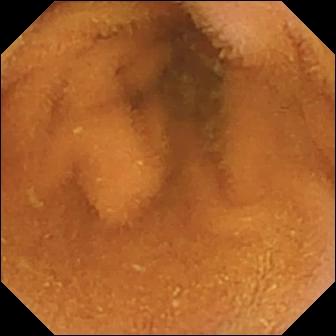Q: What does this wireless capsule endoscopy frame show?
A: Normal clean mucosa.